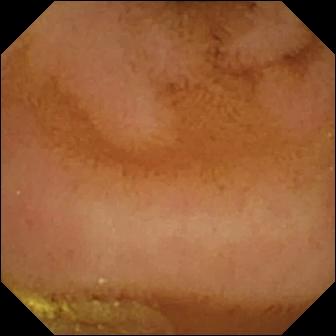VCE view (small bowel), 336×336. Normal clean mucosa.